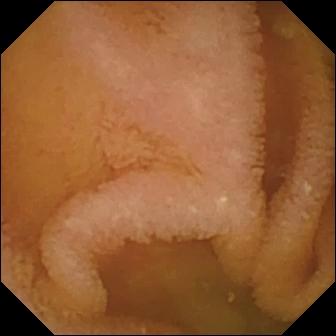Wireless capsule endoscopy still showing normal clean mucosa.